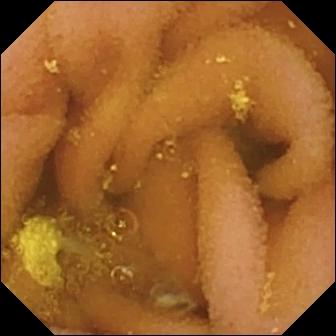Lymphangiectasia — wireless capsule endoscopy image.